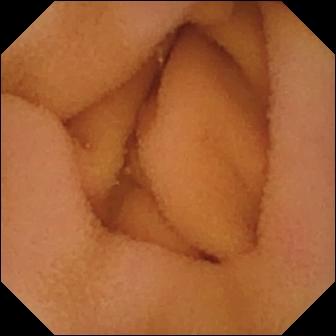Q: What does this video capsule endoscopy image show?
A: Normal clean mucosa.